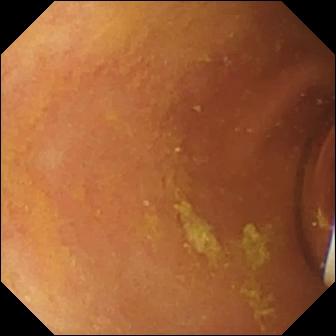Video capsule endoscopy still showing foreign body (e.g. retained capsule, tablet residue).